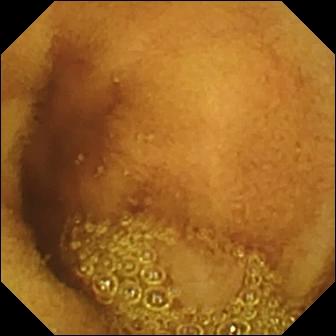Normal clean mucosa.